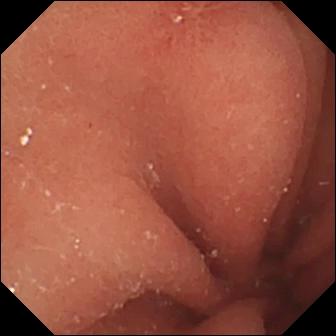Q: What does this WCE view show?
A: Erosion.